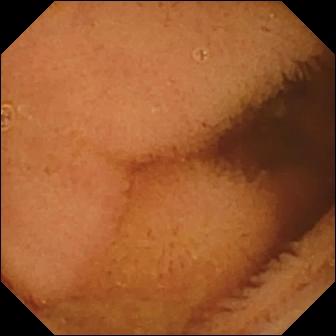VCE. Small intestine. Impression: normal clean mucosa.